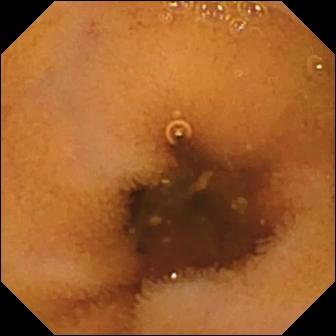Video capsule endoscopy — normal clean mucosa.